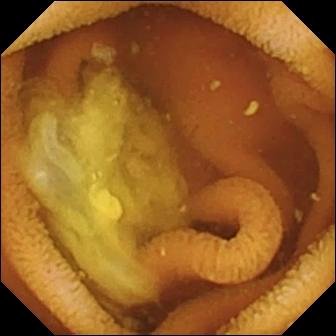{"modality": "capsule endoscopy", "finding": "normal clean mucosa"}